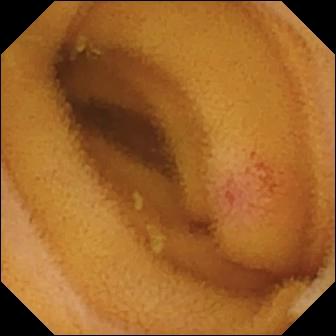Q: What does this small-bowel capsule endoscopy frame show?
A: Angiectasia.